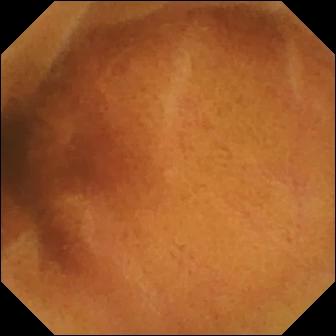Normal clean mucosa — video capsule endoscopy still.